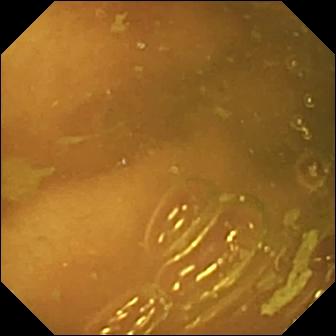VCE image taken in the ileo-cecal valve region (where the capsule passes from the small bowel into the large bowel).